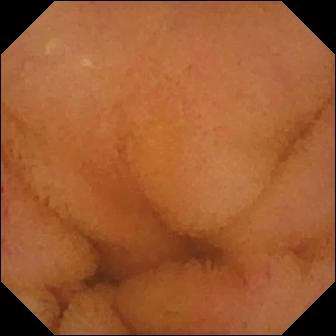- modality: capsule endoscopy
- segment: small bowel
- label: normal clean mucosa